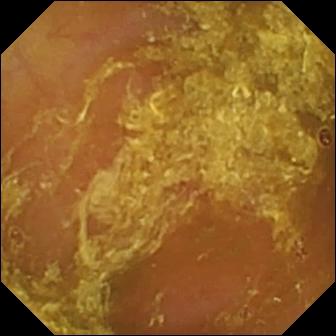WCE still of the small intestine showing reduced mucosal view (content or bubbles obscuring the mucosa).